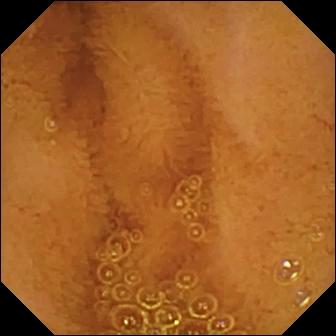This capsule endoscopy still shows normal clean mucosa.